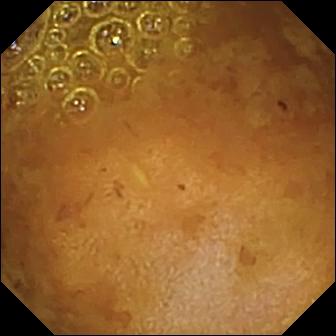Q: What does this small-bowel capsule endoscopy frame show?
A: Reduced mucosal view (content or bubbles obscuring the mucosa).